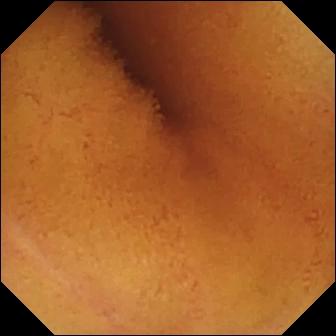Q: What does this WCE still show?
A: Normal clean mucosa.